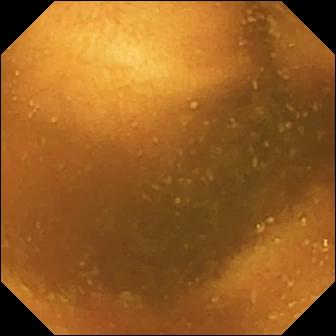Normal clean mucosa.